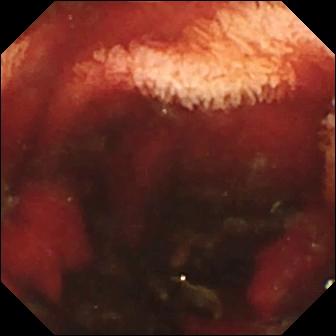modality: wireless capsule endoscopy
category: luminal finding
finding: fresh blood in the lumen